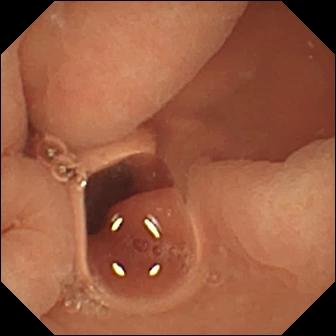Normal clean mucosa.